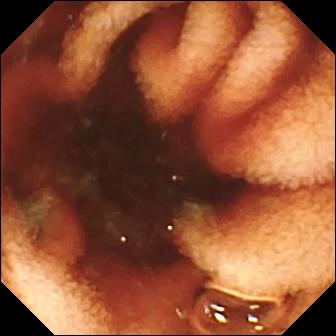- modality: video capsule endoscopy
- category: luminal finding
- impression: fresh blood in the lumen